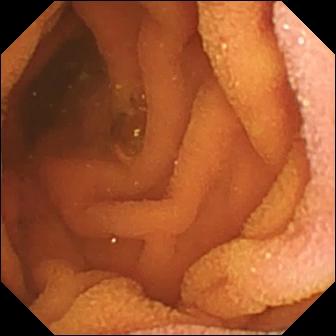Capsule endoscopy image
Observation: normal clean mucosa